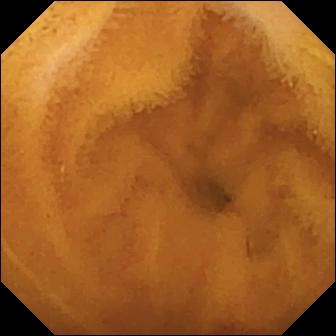Normal clean mucosa — wireless capsule endoscopy frame.